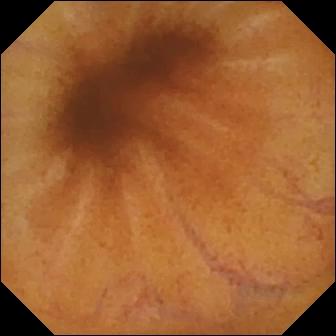{"modality": "wireless capsule endoscopy", "finding": "normal clean mucosa"}